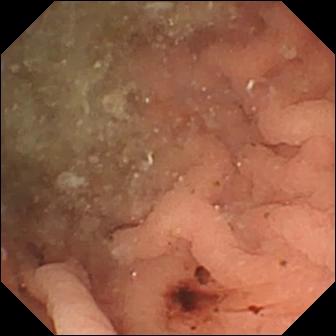Wireless capsule endoscopy snapshot showing angiectasia.